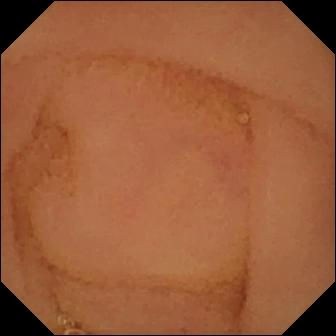Capsule endoscopy still. Normal clean mucosa.